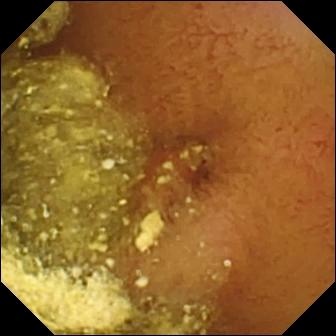PROCEDURE: WCE.
FINDINGS: Foreign body (e.g. retained capsule, tablet residue).